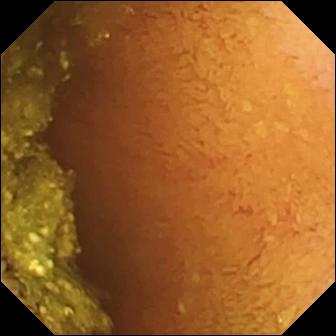{"modality": "capsule endoscopy", "segment": "small intestine", "finding": "normal clean mucosa"}